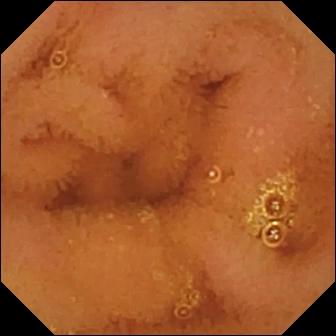modality: VCE
impression: normal clean mucosa